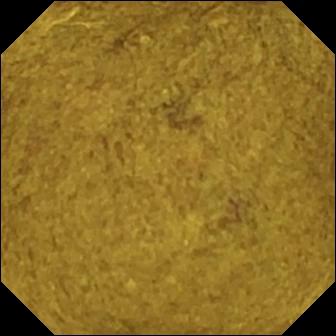Video capsule endoscopy — ileo-cecal valve region (where the capsule passes from the small bowel into the large bowel).